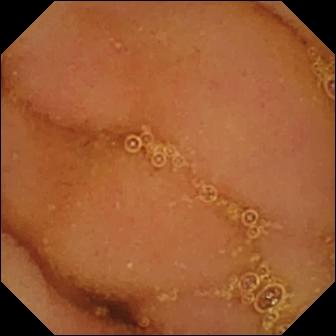Normal clean mucosa — video capsule endoscopy image of the small bowel.